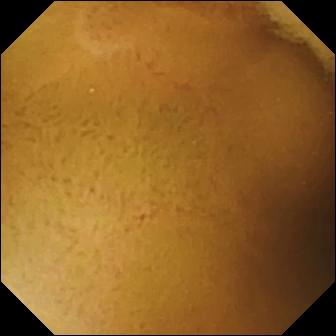Normal clean mucosa.